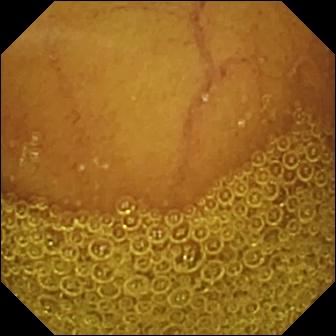Capsule endoscopy still. Normal clean mucosa.